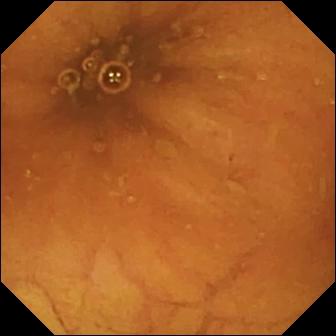Video capsule endoscopy snapshot taken in the ileo-cecal valve region.